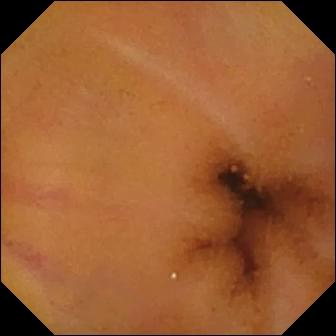modality: small-bowel capsule endoscopy
label: normal clean mucosa